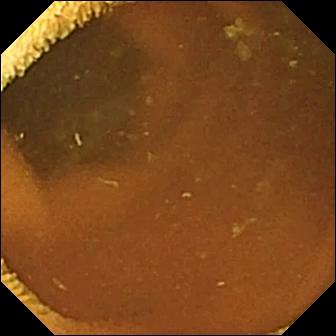This VCE image of the small bowel shows normal clean mucosa.